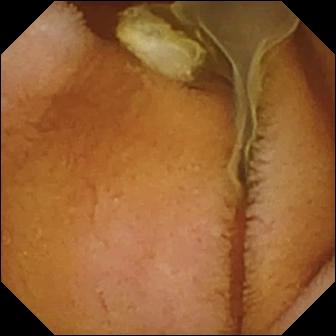- modality: small-bowel capsule endoscopy
- finding: normal clean mucosa